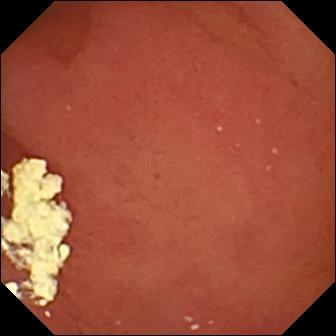PROCEDURE: Capsule endoscopy.
LABEL: Pylorus region.